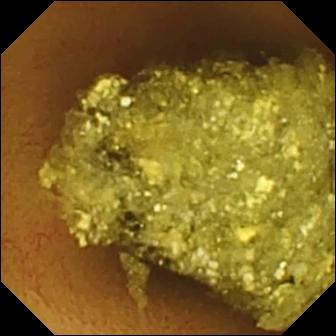This small-bowel capsule endoscopy snapshot shows normal clean mucosa.